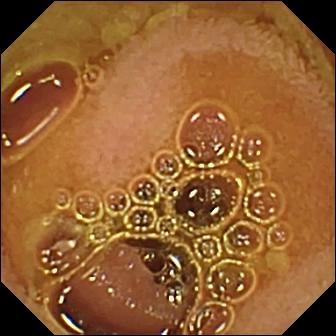Normal clean mucosa.